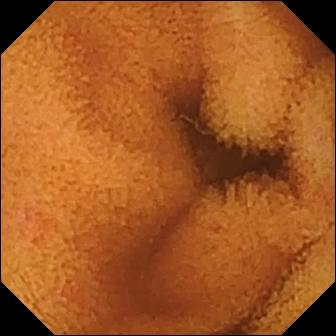{"modality": "capsule endoscopy", "finding": "normal clean mucosa"}